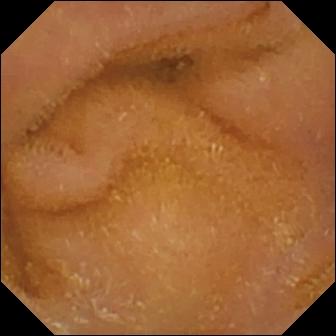PROCEDURE: Capsule endoscopy.
FINDINGS: Normal clean mucosa.